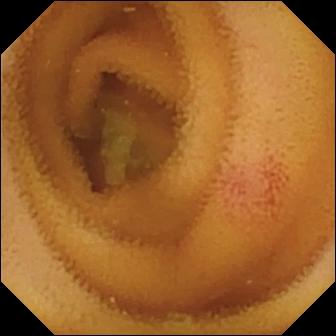Small-bowel capsule endoscopy. Luminal finding. Label: angiectasia.